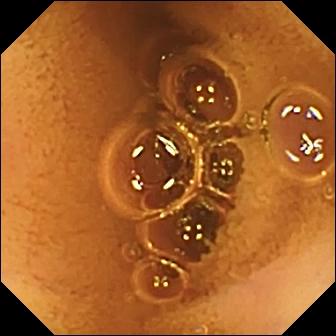modality: video capsule endoscopy
segment: small bowel
observation: normal clean mucosa